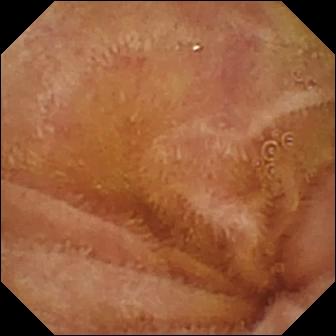Normal clean mucosa.